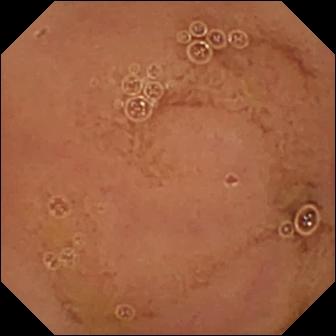{"modality": "wireless capsule endoscopy", "segment": "small bowel", "finding": "normal clean mucosa"}